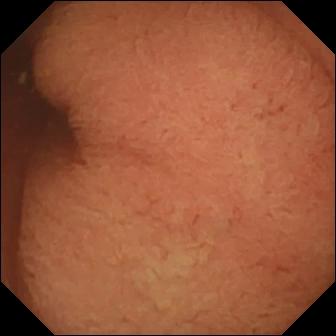Capsule endoscopy frame taken in the pylorus region (the junction between the stomach and the small bowel).